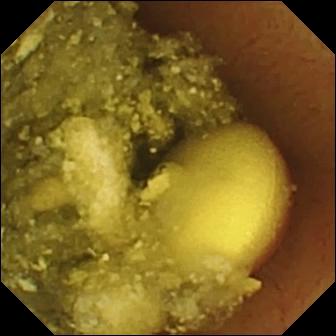Q: What does this small-bowel capsule endoscopy still show?
A: Foreign body (e.g. retained capsule, tablet residue).